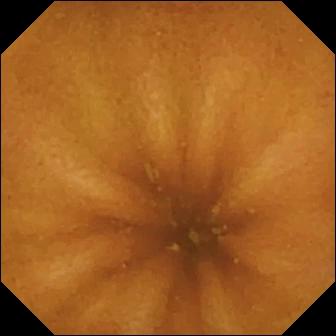- modality: capsule endoscopy
- observation: normal clean mucosa